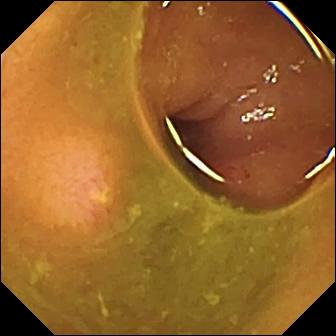Ulcer — small-bowel capsule endoscopy frame.